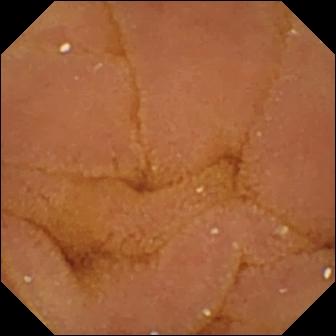PROCEDURE: Capsule endoscopy.
SEGMENT: Small bowel.
FINDINGS: Normal clean mucosa.